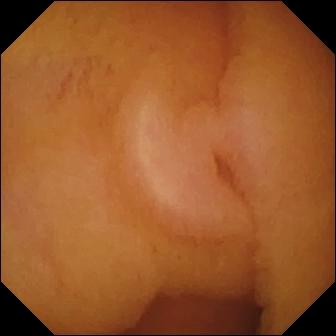Normal clean mucosa — WCE view of the small intestine.